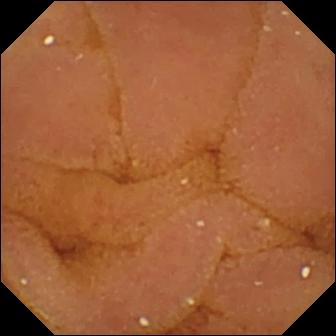VCE. Impression: normal clean mucosa.